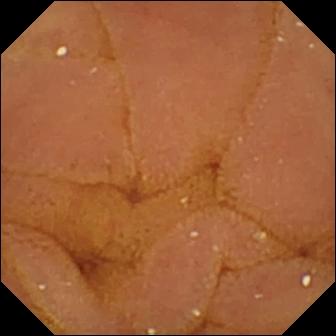PROCEDURE: Small-bowel capsule endoscopy.
SEGMENT: Small intestine.
FINDINGS: Normal clean mucosa.